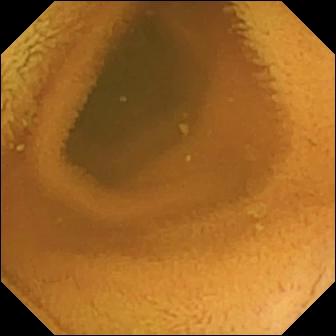Video capsule endoscopy view (small intestine). Normal clean mucosa.